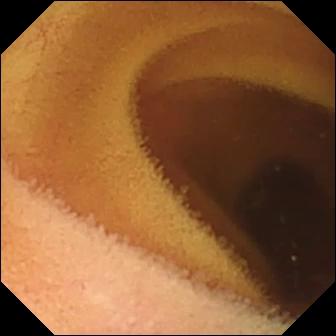WCE — normal clean mucosa.